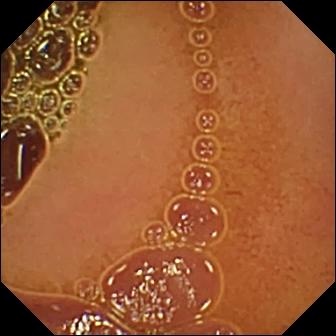Q: What does this wireless capsule endoscopy image of the small bowel show?
A: Normal clean mucosa.